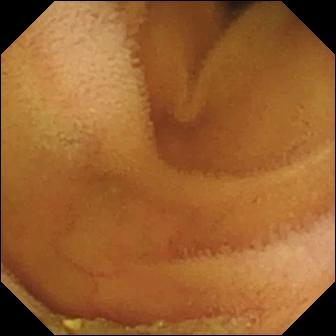Normal clean mucosa.